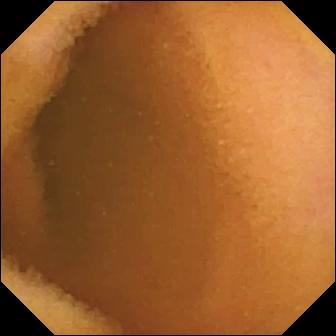- modality: WCE
- label: normal clean mucosa